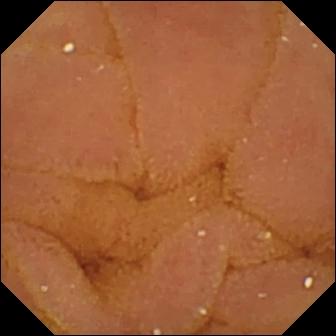Normal clean mucosa — VCE image of the small bowel.